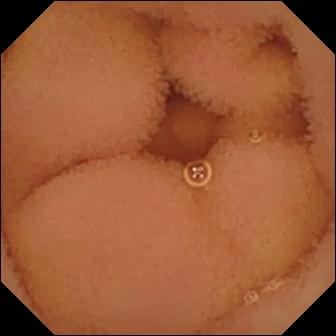Q: What does this capsule endoscopy image show?
A: Normal clean mucosa.